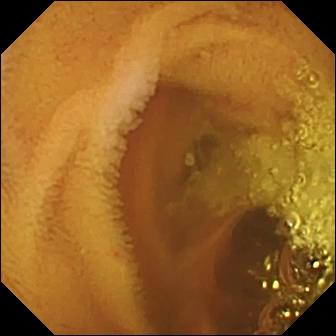Small-bowel capsule endoscopy — normal clean mucosa.